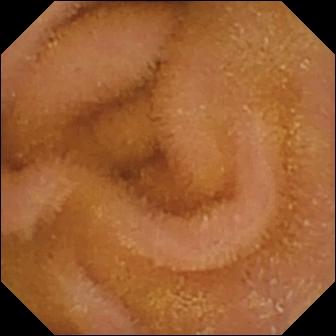Normal clean mucosa.